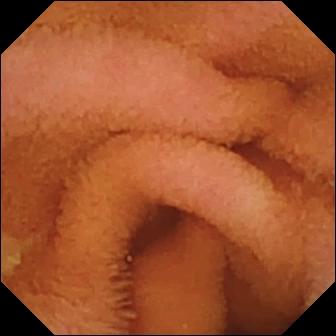This capsule endoscopy view of the small bowel shows normal clean mucosa.